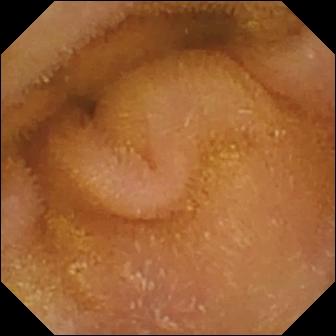Video capsule endoscopy — normal clean mucosa.